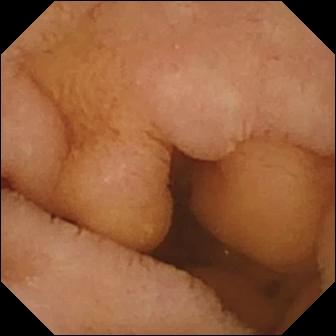This video capsule endoscopy frame of the small intestine shows normal clean mucosa.